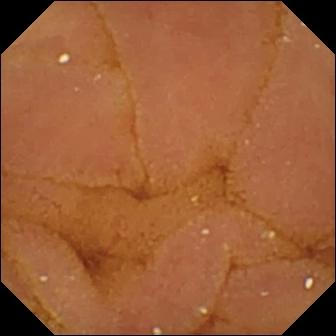- modality: WCE
- label: normal clean mucosa